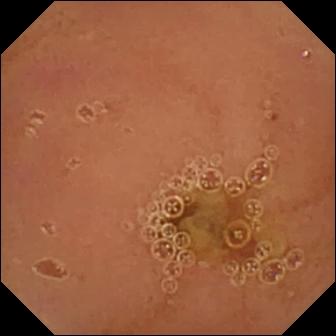Normal clean mucosa.